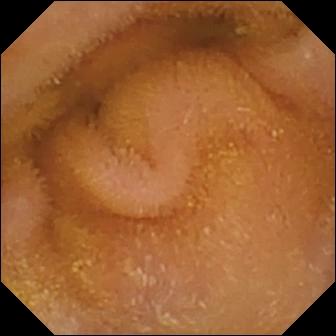{"modality": "capsule endoscopy", "segment": "small intestine", "finding": "normal clean mucosa"}